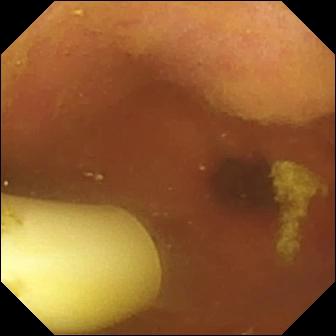{"modality": "small-bowel capsule endoscopy", "finding": "foreign body (e.g. retained capsule, tablet residue)"}